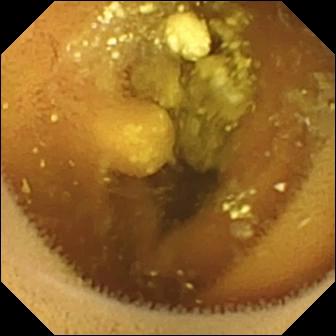PROCEDURE: Small-bowel capsule endoscopy.
FINDINGS: Lymphangiectasia.